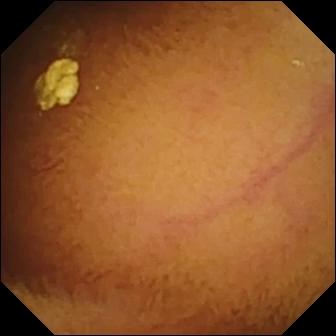Normal clean mucosa.